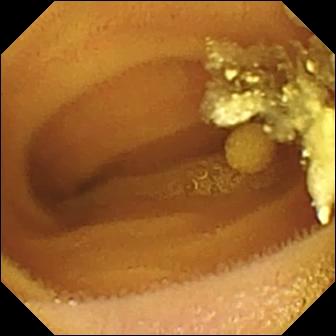Wireless capsule endoscopy frame. Lymphangiectasia.